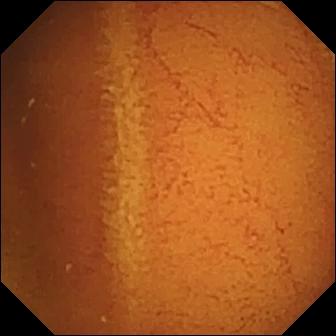Q: What does this wireless capsule endoscopy frame show?
A: Normal clean mucosa.